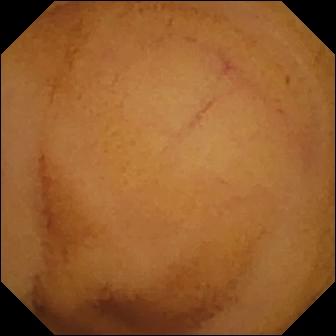This capsule endoscopy snapshot of the small intestine shows normal clean mucosa.